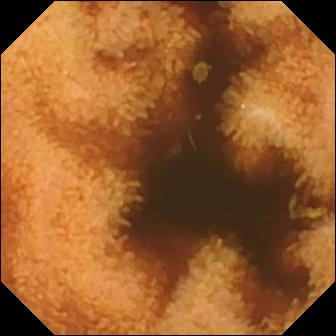modality: capsule endoscopy; segment: small intestine; finding: normal clean mucosa